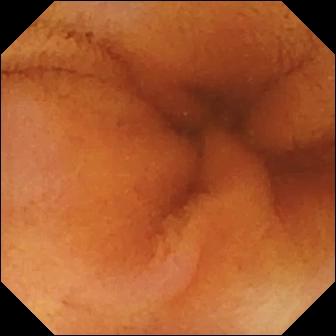This video capsule endoscopy image shows normal clean mucosa.